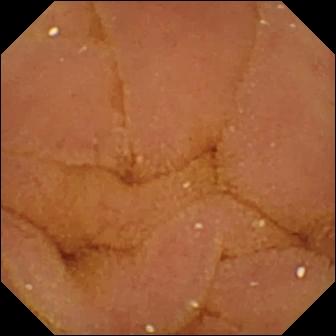Normal clean mucosa — VCE snapshot of the small bowel.